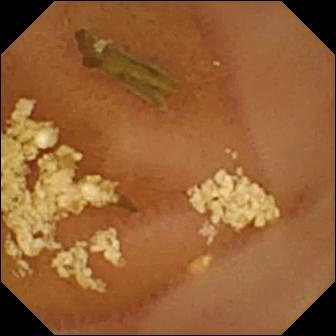This wireless capsule endoscopy snapshot of the small intestine shows normal clean mucosa.